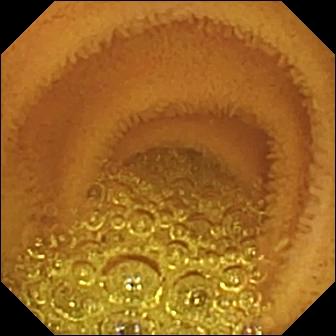modality: video capsule endoscopy; label: normal clean mucosa